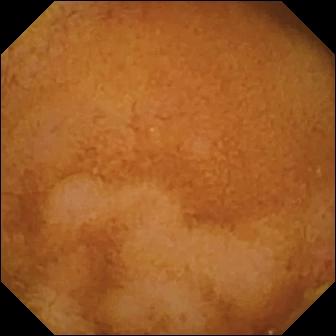{"modality": "VCE", "finding": "erosion"}